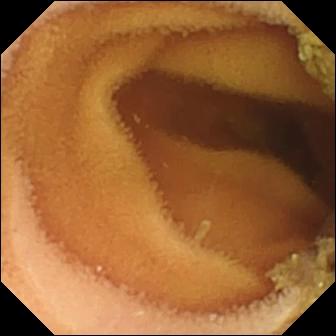{"modality": "video capsule endoscopy", "segment": "small intestine", "finding": "normal clean mucosa"}